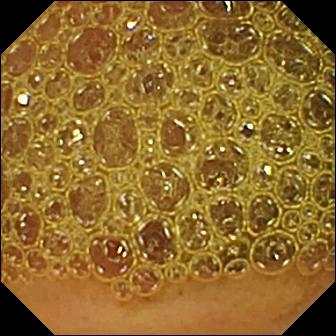VCE. Small intestine. Finding: reduced mucosal view (content or bubbles obscuring the mucosa).